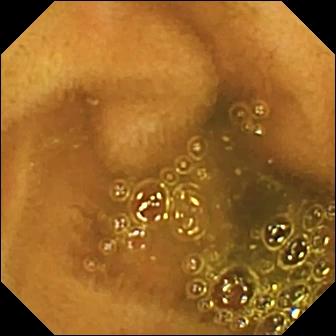- modality: VCE
- category: anatomical landmark
- video segment: ileo-cecal valve region (where the capsule passes from the small bowel into the large bowel)